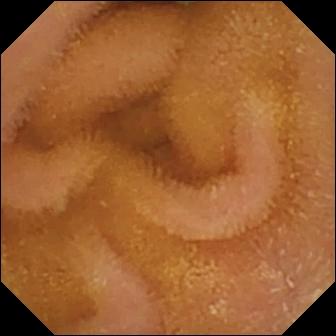Small-bowel capsule endoscopy image
Impression: normal clean mucosa